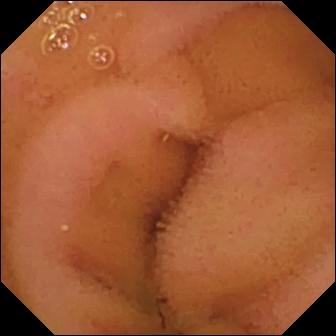Small-bowel capsule endoscopy frame, small bowel
Finding: normal clean mucosa